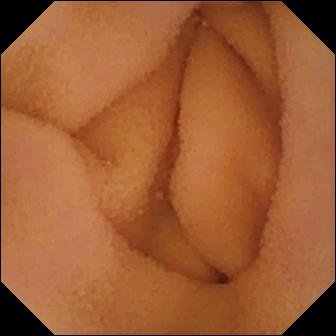- modality: wireless capsule endoscopy
- segment: small bowel
- label: normal clean mucosa